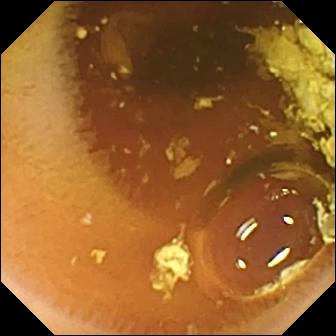Normal clean mucosa — small-bowel capsule endoscopy frame of the small intestine.